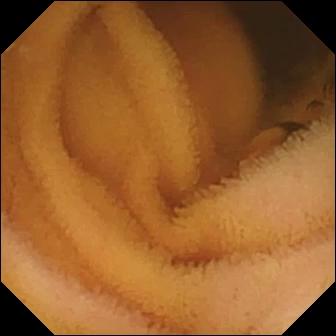Small-bowel capsule endoscopy. Luminal finding. Finding: normal clean mucosa.